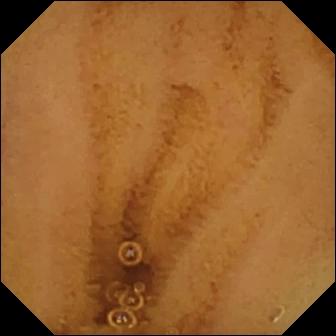WCE — normal clean mucosa.